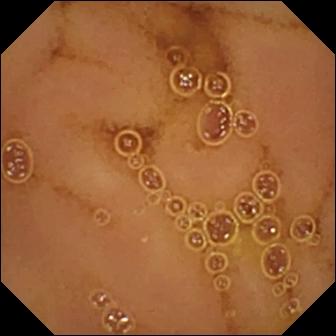Normal clean mucosa — VCE frame.